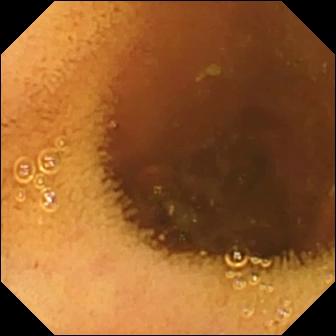modality: capsule endoscopy
category: luminal finding
label: normal clean mucosa